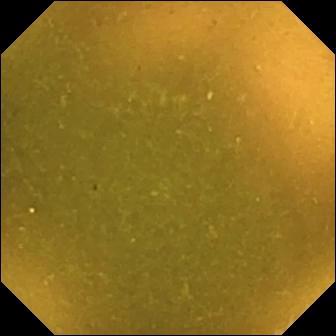Video capsule endoscopy frame
Position: ileo-cecal valve region